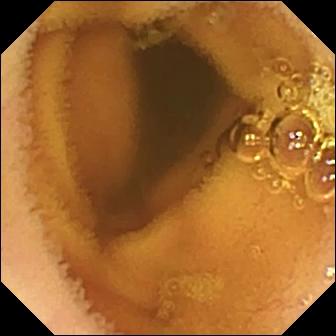Capsule endoscopy frame. Normal clean mucosa.